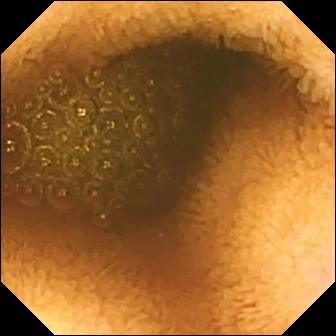Reduced mucosal view (content or bubbles obscuring the mucosa).